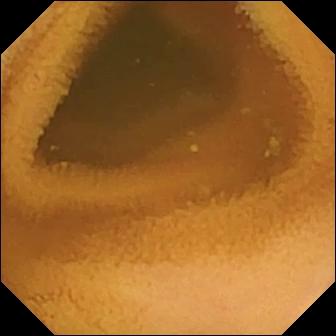Small-bowel capsule endoscopy. Small bowel. Finding: normal clean mucosa.